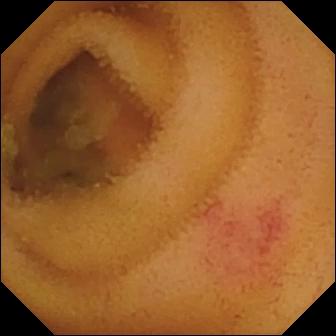PROCEDURE: Capsule endoscopy.
FINDINGS: Angiectasia.